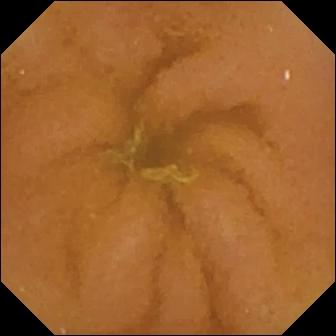{"modality": "VCE", "category": "luminal finding", "finding": "normal clean mucosa"}